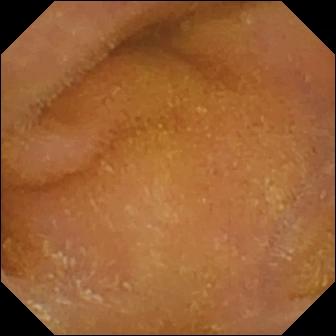Wireless capsule endoscopy. Label: normal clean mucosa.